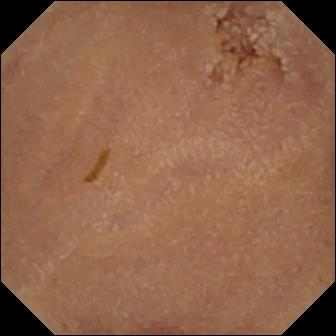Wireless capsule endoscopy. Small bowel. Impression: normal clean mucosa.